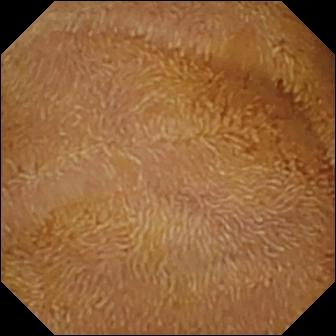Video capsule endoscopy. Small bowel. Impression: normal clean mucosa.